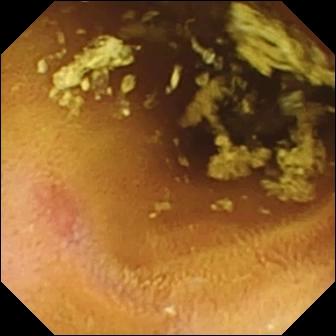VCE view
Label: erosion